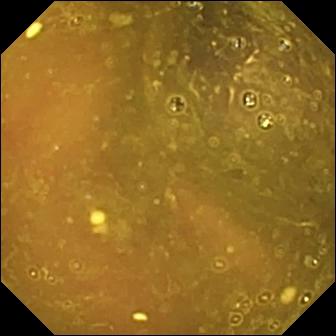{"modality": "VCE", "segment": "small intestine", "finding": "reduced mucosal view (content or bubbles obscuring the mucosa)"}